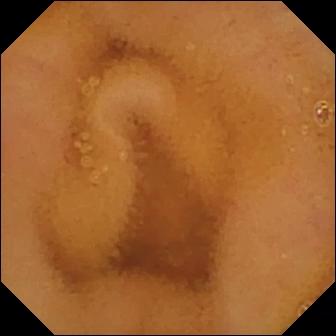WCE — normal clean mucosa.